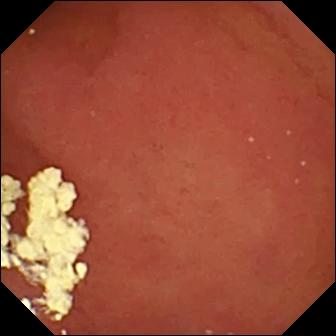Video capsule endoscopy — pylorus region (the junction between the stomach and the small bowel).